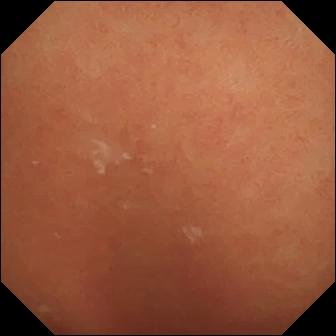Small-bowel capsule endoscopy. Observation: normal clean mucosa.